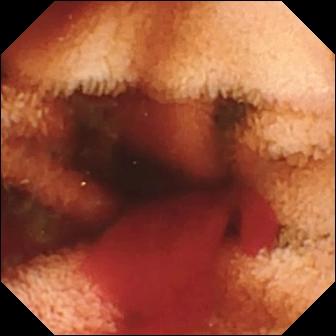Fresh blood in the lumen (336×336).